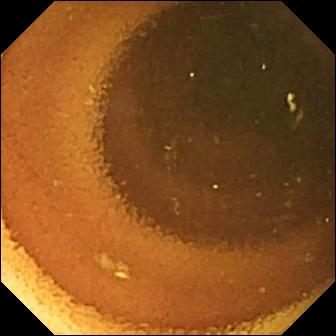Wireless capsule endoscopy — normal clean mucosa.